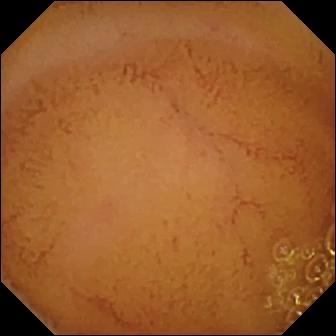Capsule endoscopy — normal clean mucosa.